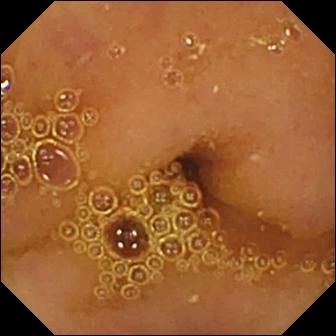- modality: wireless capsule endoscopy
- label: normal clean mucosa